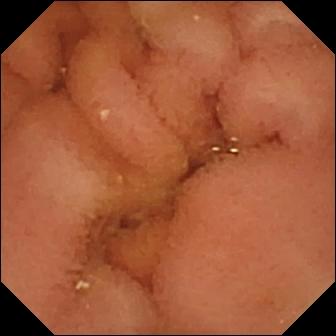This WCE still of the small intestine shows normal clean mucosa.